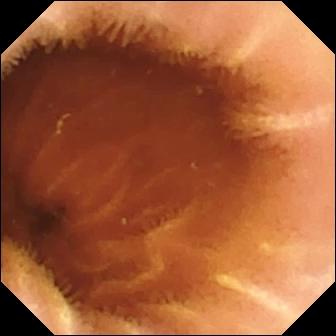Normal clean mucosa — video capsule endoscopy snapshot of the small bowel.